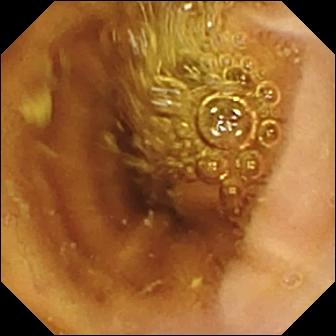This VCE still of the small bowel shows normal clean mucosa.